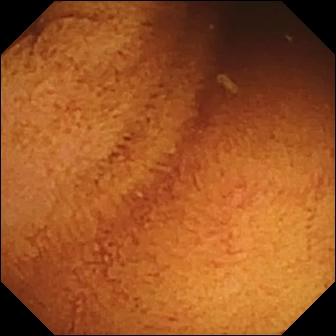Video capsule endoscopy. Small bowel. Impression: normal clean mucosa.